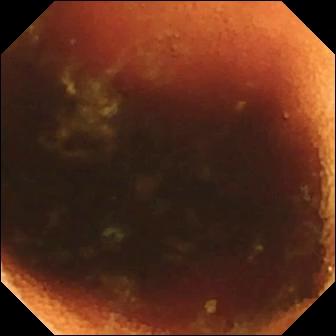Ileo-cecal valve region (where the capsule passes from the small bowel into the large bowel) — VCE image.